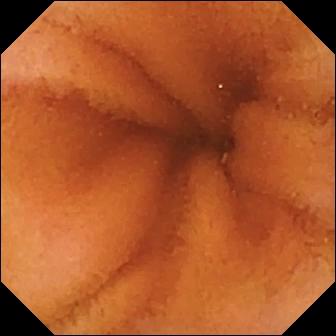Capsule endoscopy image, small intestine
Label: normal clean mucosa